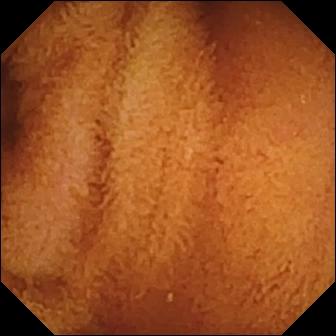Normal clean mucosa — wireless capsule endoscopy image of the small bowel.